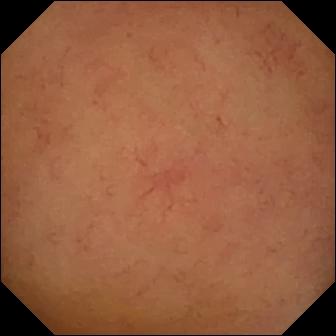modality: small-bowel capsule endoscopy
impression: normal clean mucosa